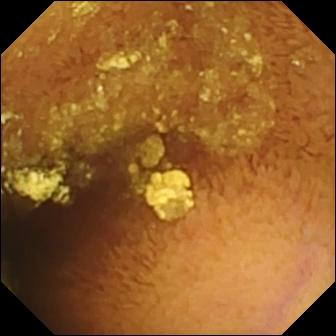modality: capsule endoscopy; finding: normal clean mucosa